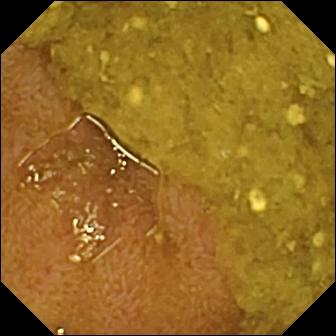Q: Where in the digestive tract was this video capsule endoscopy image taken?
A: Ileo-cecal valve region (the transition from the small bowel to the large bowel).